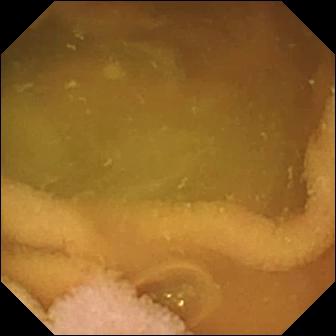Capsule endoscopy image
Impression: normal clean mucosa